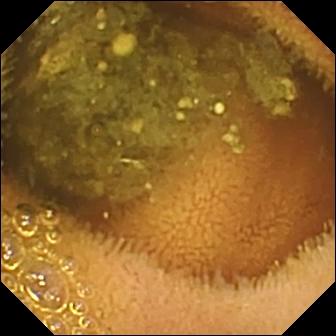PROCEDURE: VCE.
FINDINGS: Reduced mucosal view (content or bubbles obscuring the mucosa).